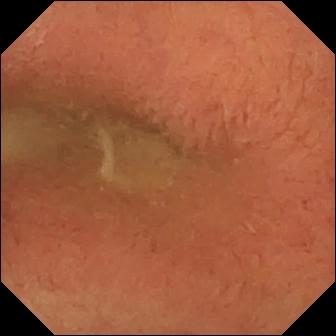This video capsule endoscopy still was taken in the pylorus region (where the capsule passes from the stomach into the small bowel).